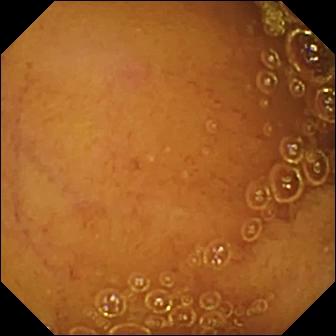{"modality": "VCE", "segment": "small intestine", "finding": "normal clean mucosa"}